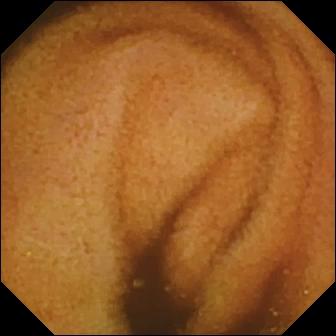Normal clean mucosa — VCE image.